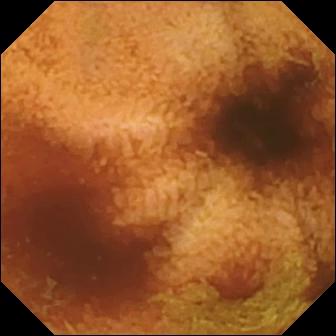WCE view, small intestine
Label: normal clean mucosa